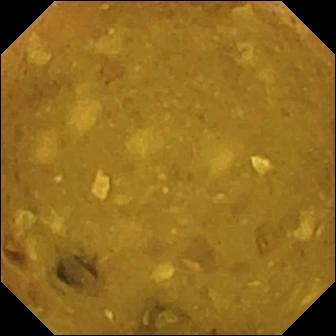Capsule endoscopy. Small bowel. Observation: reduced mucosal view (content or bubbles obscuring the mucosa).